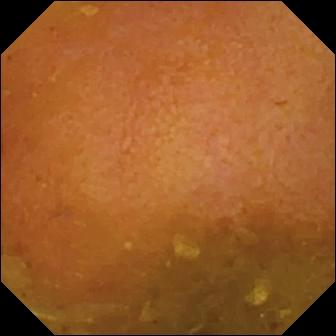Reduced mucosal view (content or bubbles obscuring the mucosa) — WCE image of the small intestine.